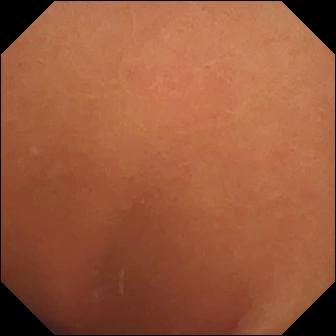Normal clean mucosa — capsule endoscopy still.